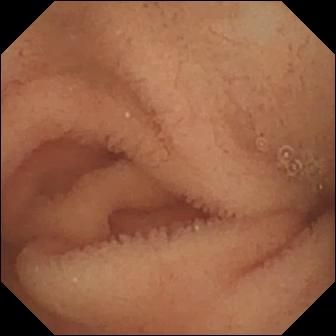{"modality": "WCE", "finding": "normal clean mucosa"}